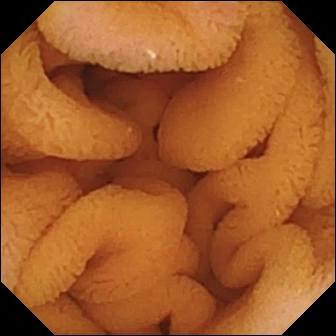Wireless capsule endoscopy snapshot
Observation: normal clean mucosa